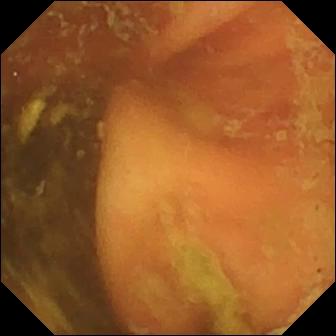This capsule endoscopy snapshot was taken in the ileo-cecal valve region.